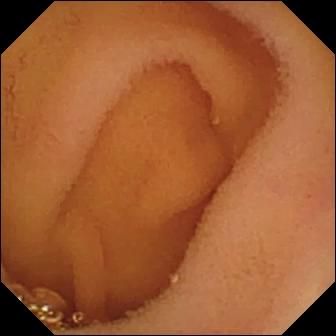VCE still
Impression: normal clean mucosa